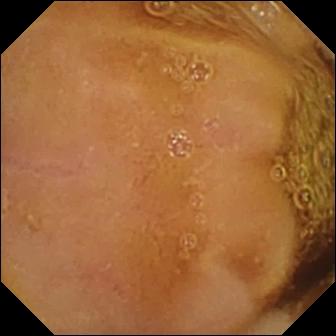PROCEDURE: Small-bowel capsule endoscopy.
FINDINGS: Normal clean mucosa.